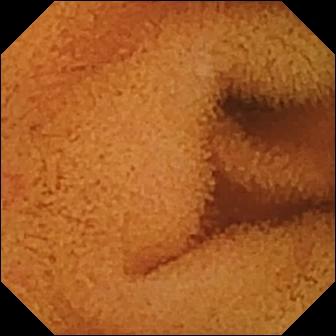This wireless capsule endoscopy snapshot of the small intestine shows normal clean mucosa.